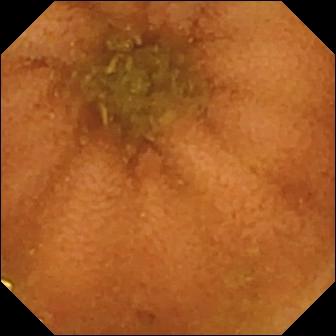modality: video capsule endoscopy | observation: normal clean mucosa